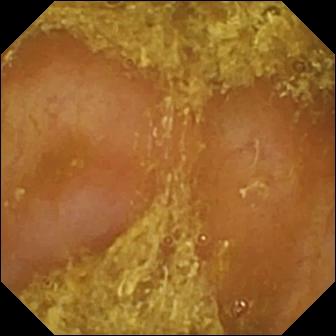PROCEDURE: Video capsule endoscopy.
SEGMENT: Small bowel.
FINDINGS: Reduced mucosal view (content or bubbles obscuring the mucosa).